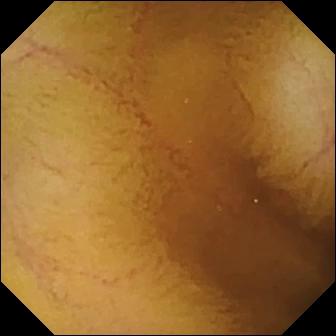modality: capsule endoscopy
category: luminal finding
observation: normal clean mucosa